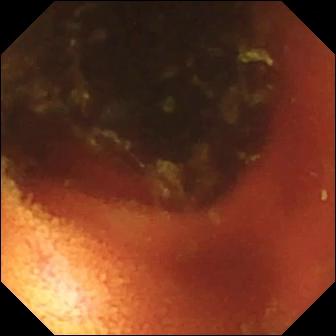Ileo-cecal valve region.